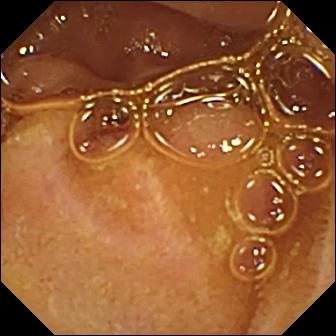Normal clean mucosa — small-bowel capsule endoscopy view of the small intestine.